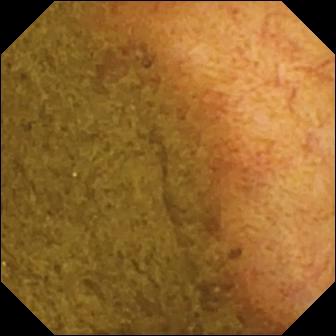Wireless capsule endoscopy — ileo-cecal valve region (the transition from the small bowel to the large bowel).